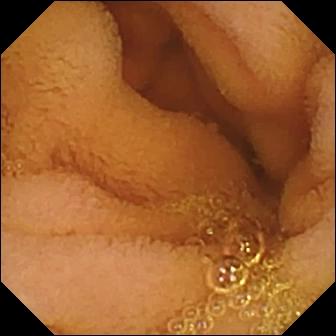PROCEDURE: VCE.
FINDINGS: Normal clean mucosa.